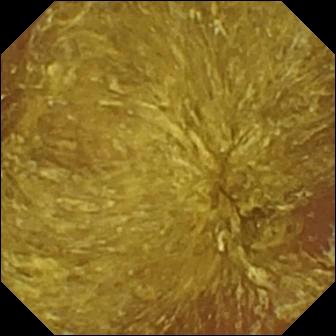Reduced mucosal view (content or bubbles obscuring the mucosa).